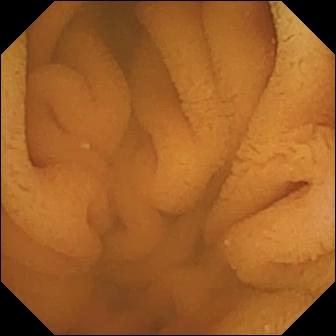Normal clean mucosa.